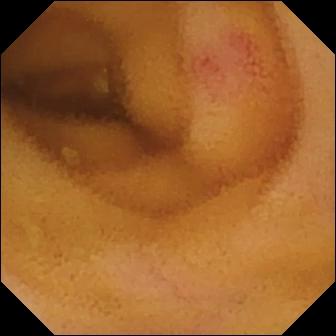Angiectasia (336×336).